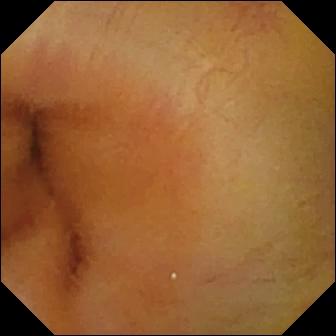Normal clean mucosa — wireless capsule endoscopy snapshot of the small bowel.